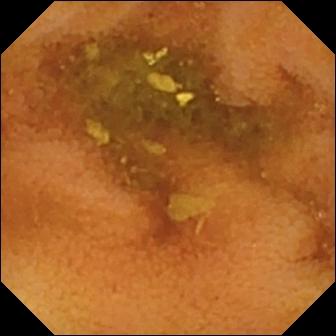WCE snapshot showing normal clean mucosa.